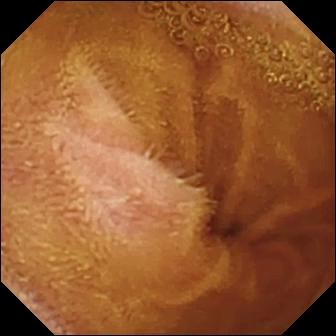PROCEDURE: VCE.
SEGMENT: Small intestine.
FINDINGS: Normal clean mucosa.